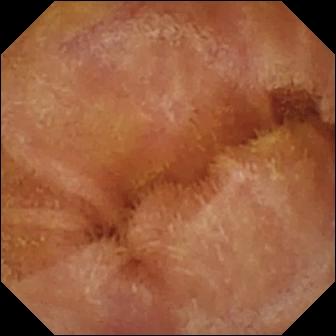WCE. Luminal finding. Observation: normal clean mucosa.